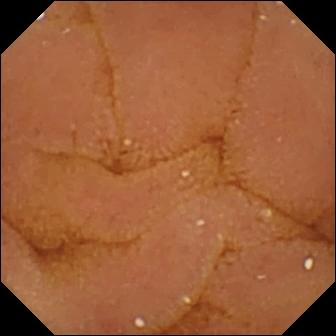Wireless capsule endoscopy frame
Impression: normal clean mucosa